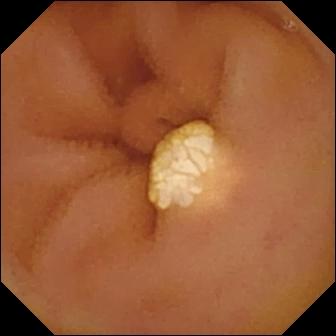VCE — lymphangiectasia.